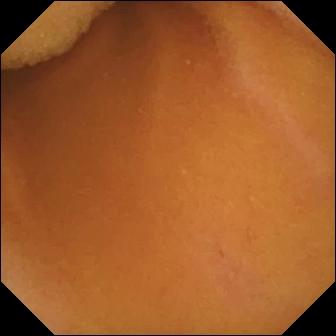Normal clean mucosa — VCE frame of the small intestine.